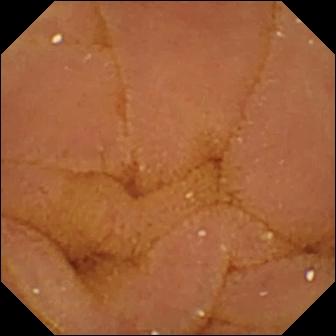PROCEDURE: VCE.
SEGMENT: Small bowel.
FINDINGS: Normal clean mucosa.